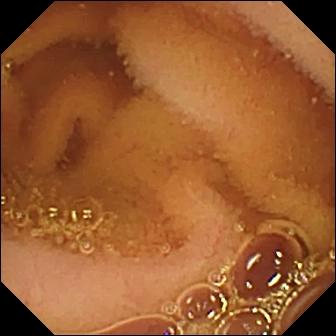Normal clean mucosa.